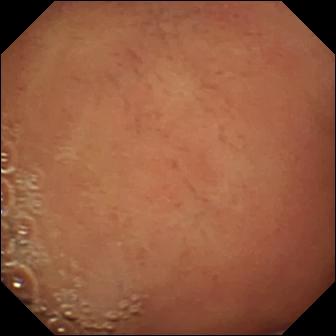Q: Where in the digestive tract was this capsule endoscopy view taken?
A: Pylorus region (where the capsule passes from the stomach into the small bowel).